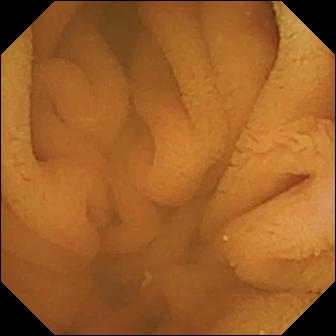modality: wireless capsule endoscopy; segment: small bowel; category: luminal finding; label: normal clean mucosa